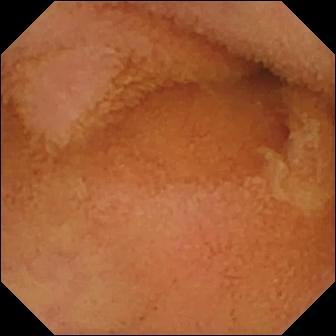Capsule endoscopy snapshot. Normal clean mucosa.